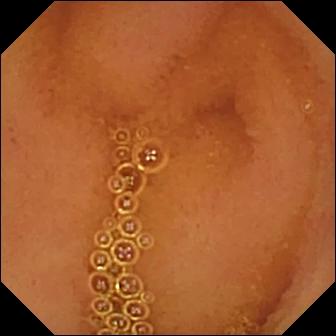VCE view of the small intestine showing normal clean mucosa.